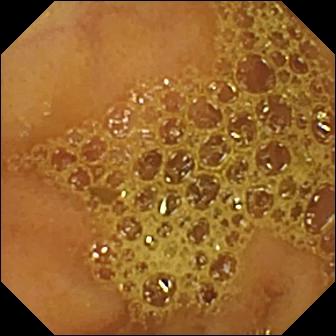This small-bowel capsule endoscopy snapshot was taken in the ileo-cecal valve region (the transition from the small bowel to the large bowel).